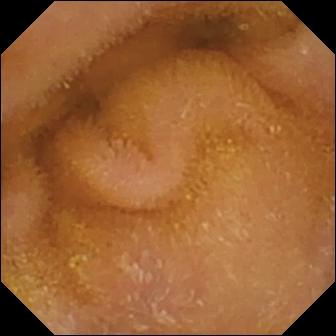Normal clean mucosa (336×336).